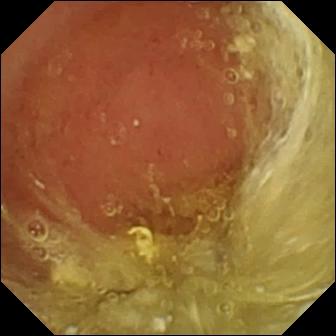{"modality": "small-bowel capsule endoscopy", "segment": "small bowel", "finding": "normal clean mucosa"}